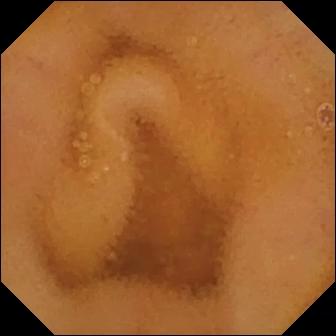Wireless capsule endoscopy image. Normal clean mucosa.